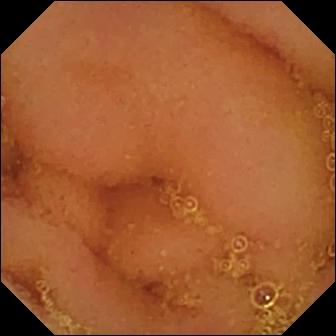PROCEDURE: VCE.
SEGMENT: Small intestine.
FINDINGS: Normal clean mucosa.